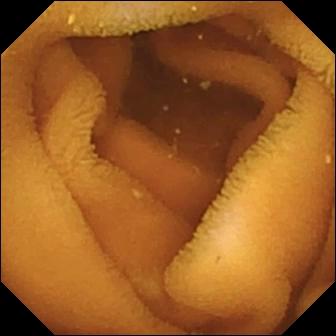{"modality": "small-bowel capsule endoscopy", "finding": "normal clean mucosa"}